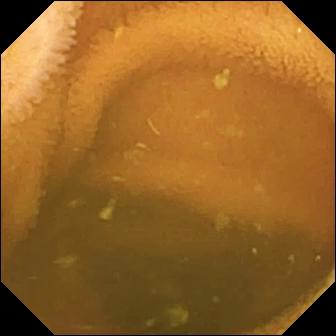Capsule endoscopy view. Normal clean mucosa.